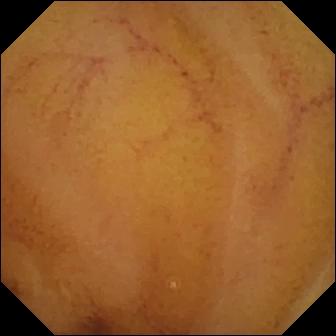VCE still. Normal clean mucosa.